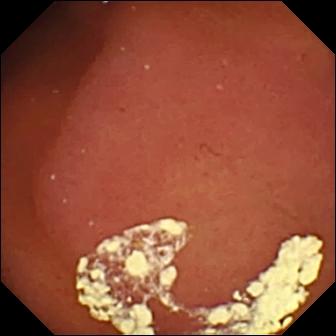Wireless capsule endoscopy. Location: pylorus region.